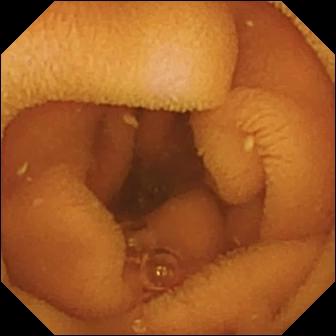PROCEDURE: Wireless capsule endoscopy.
FINDINGS: Normal clean mucosa.